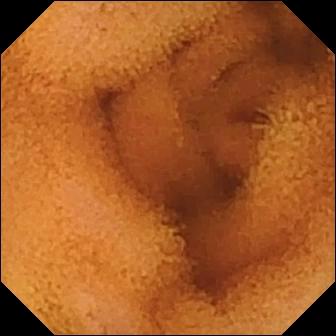Small-bowel capsule endoscopy — normal clean mucosa.